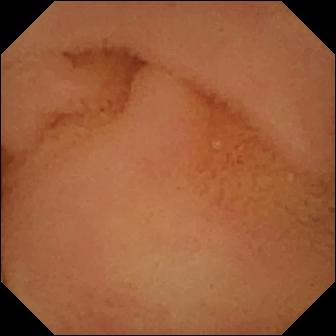Normal clean mucosa.